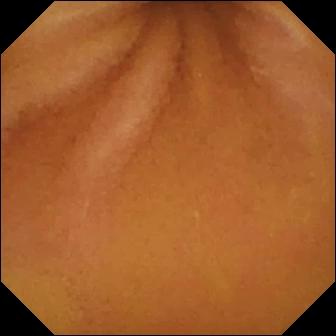modality: video capsule endoscopy | label: normal clean mucosa